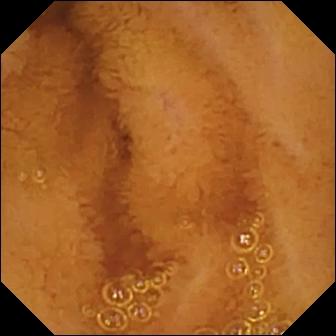Normal clean mucosa — VCE still of the small intestine.